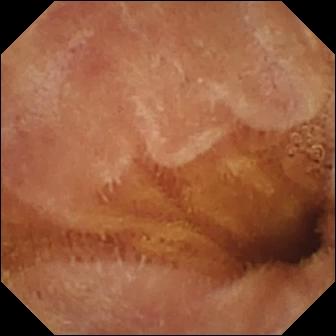Q: What does this VCE snapshot show?
A: Normal clean mucosa.